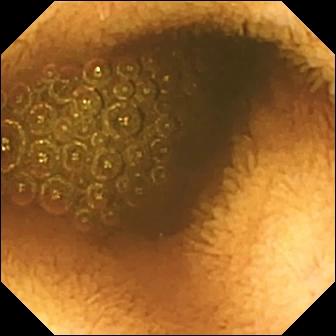This WCE snapshot of the small bowel shows reduced mucosal view (content or bubbles obscuring the mucosa).